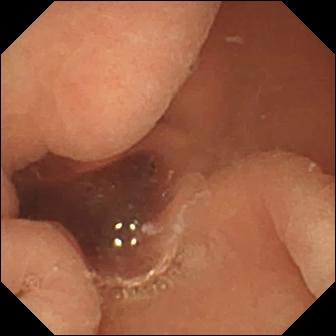modality: wireless capsule endoscopy | category: luminal finding | label: normal clean mucosa